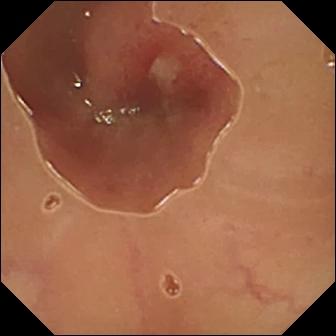Capsule endoscopy — ulcer.